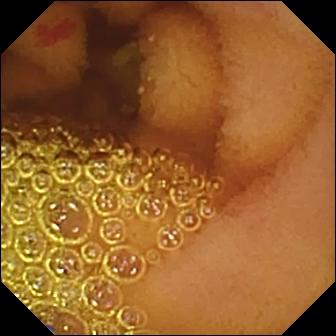This video capsule endoscopy frame shows angiectasia.